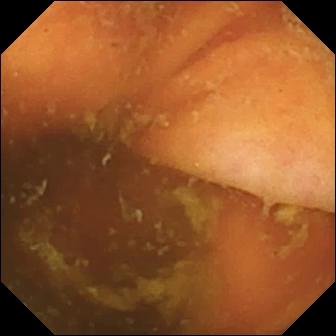Ileo-cecal valve region (where the capsule passes from the small bowel into the large bowel).